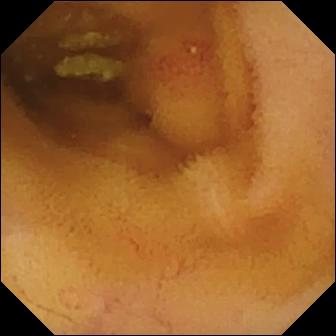VCE. Luminal finding. Label: angiectasia.